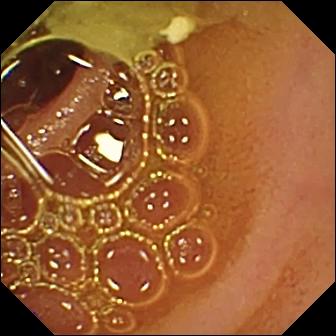PROCEDURE: Wireless capsule endoscopy.
FINDINGS: Normal clean mucosa.